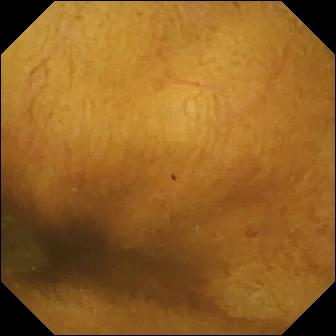{"modality": "wireless capsule endoscopy", "finding": "normal clean mucosa"}